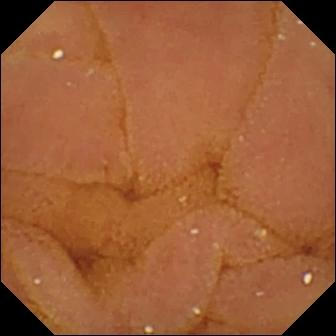- modality: wireless capsule endoscopy
- segment: small bowel
- impression: normal clean mucosa